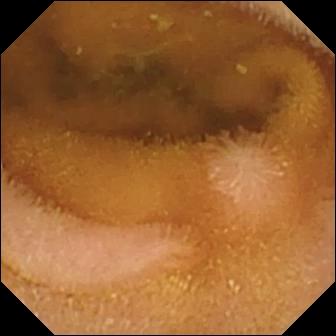PROCEDURE: WCE.
FINDINGS: Normal clean mucosa.